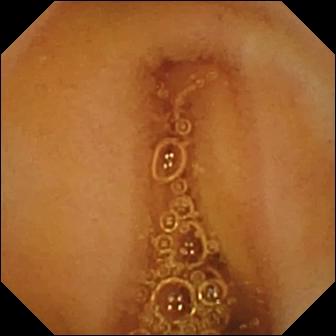This video capsule endoscopy image shows normal clean mucosa.